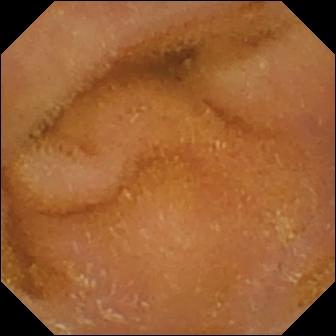WCE. Observation: normal clean mucosa.